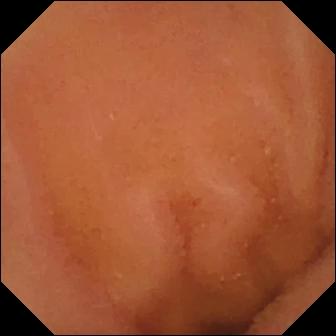VCE — normal clean mucosa.